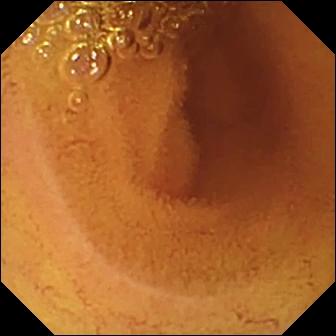Normal clean mucosa — VCE image of the small bowel.